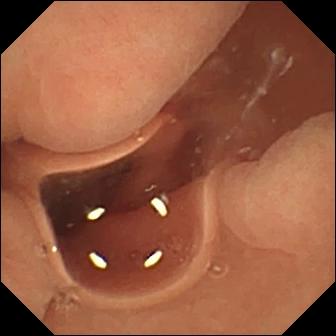PROCEDURE: WCE.
FINDINGS: Normal clean mucosa.